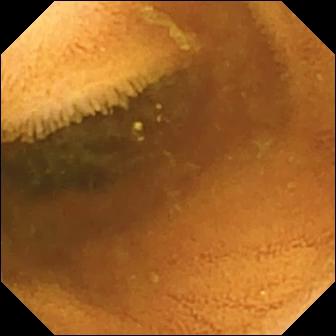{"modality": "VCE", "finding": "normal clean mucosa"}